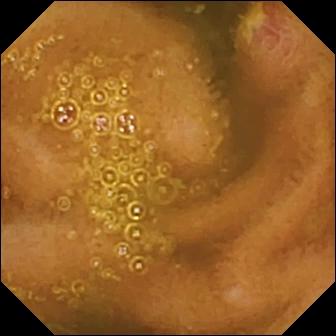VCE — ulcer.